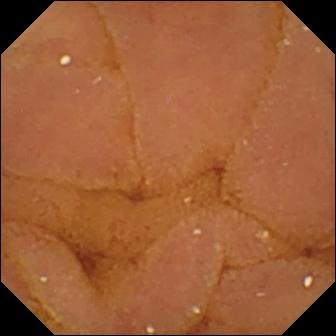Normal clean mucosa — video capsule endoscopy still.